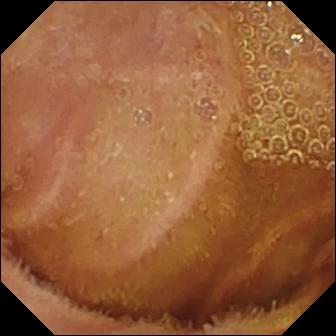Q: What does this video capsule endoscopy still show?
A: Normal clean mucosa.